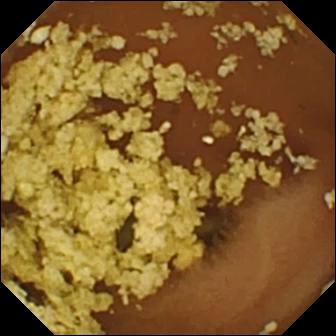- modality: video capsule endoscopy
- observation: normal clean mucosa